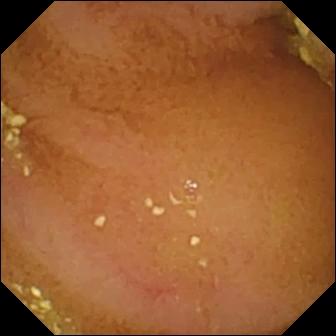This video capsule endoscopy snapshot of the small bowel shows normal clean mucosa.